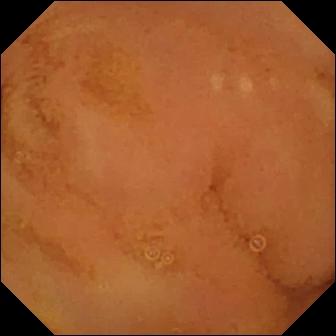This video capsule endoscopy snapshot of the small bowel shows normal clean mucosa.